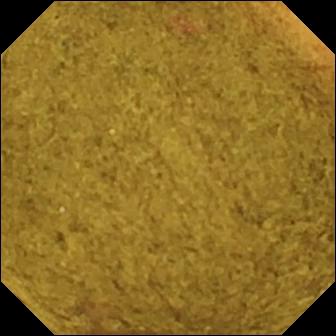This small-bowel capsule endoscopy snapshot was taken in the ileo-cecal valve region.